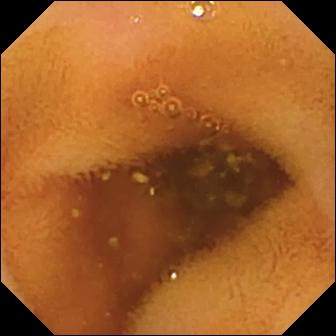Normal clean mucosa.